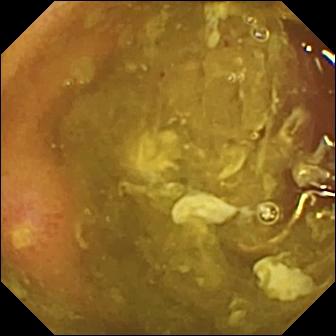PROCEDURE: VCE.
FINDINGS: Ulcer.